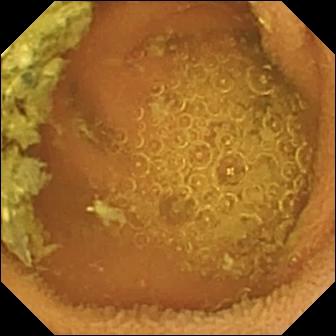Video capsule endoscopy. Finding: normal clean mucosa.